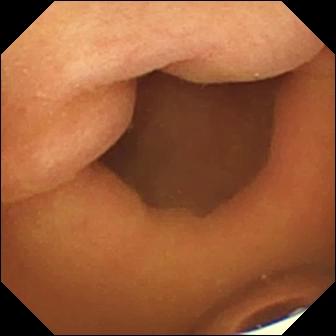Capsule endoscopy still showing foreign body (e.g. retained capsule, tablet residue).